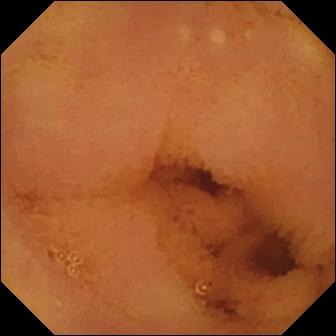Normal clean mucosa.